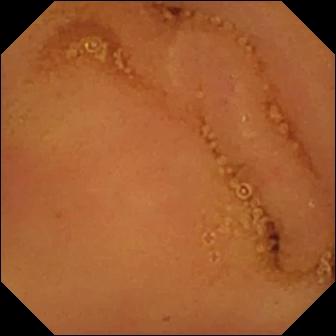PROCEDURE: Small-bowel capsule endoscopy.
SEGMENT: Small bowel.
FINDINGS: Normal clean mucosa.